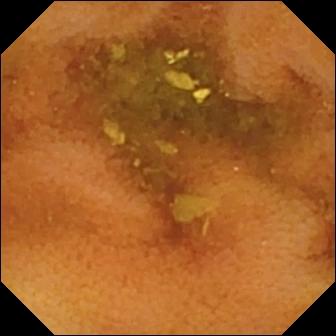Normal clean mucosa.